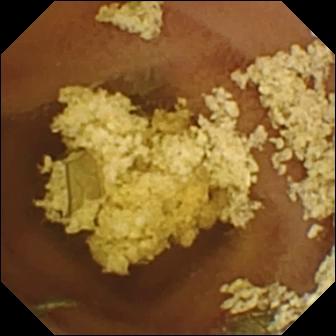{"modality": "WCE", "segment": "small bowel", "finding": "normal clean mucosa"}